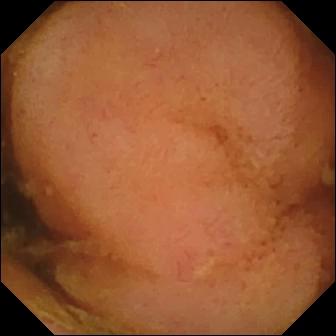modality: VCE
impression: polyp